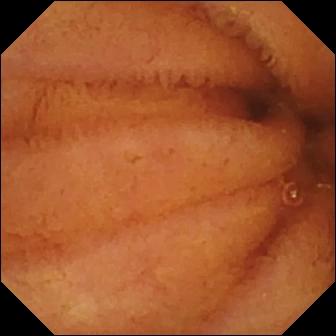Wireless capsule endoscopy image. Normal clean mucosa.